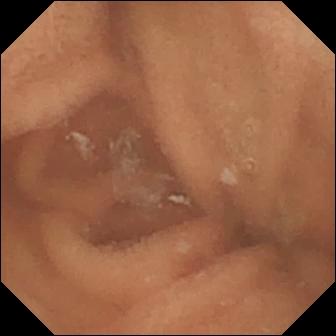Capsule endoscopy still (small intestine). Normal clean mucosa.